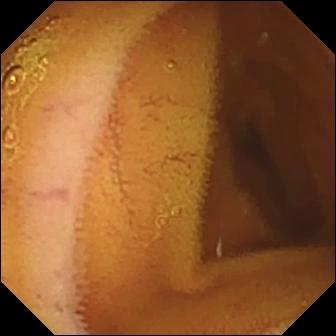{"modality": "capsule endoscopy", "segment": "small bowel", "finding": "normal clean mucosa"}